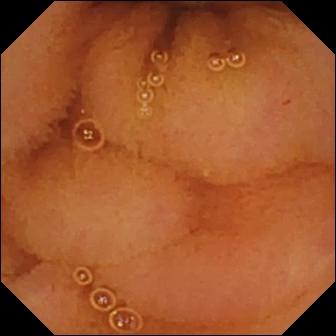Normal clean mucosa — VCE snapshot.